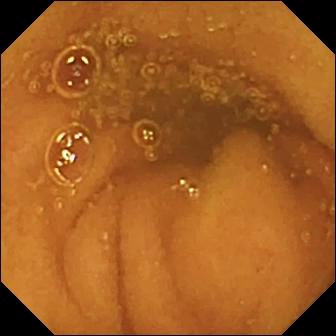PROCEDURE: WCE.
FINDINGS: Normal clean mucosa.